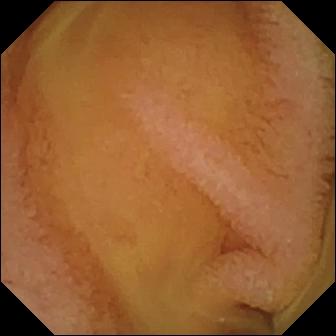Video capsule endoscopy still
Impression: normal clean mucosa